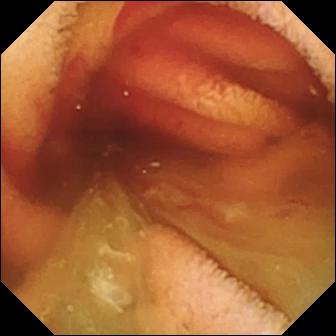PROCEDURE: Small-bowel capsule endoscopy.
FINDINGS: Fresh blood in the lumen.